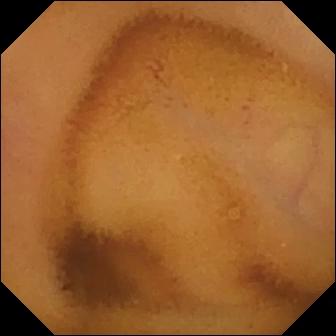VCE. Small intestine. Observation: normal clean mucosa.